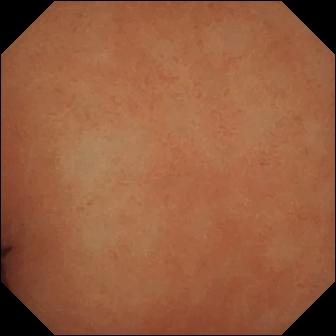WCE image showing normal clean mucosa.